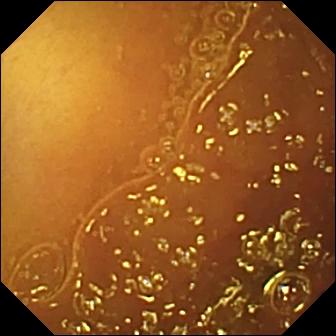Small-bowel capsule endoscopy image (small intestine). Normal clean mucosa.